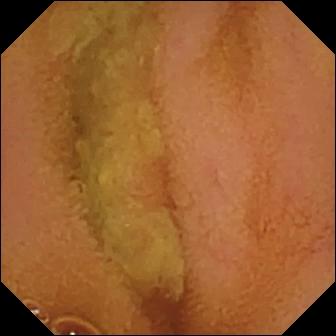Video capsule endoscopy frame. Normal clean mucosa.